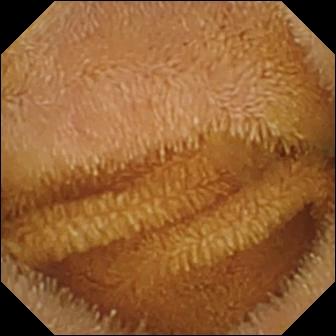- modality: capsule endoscopy
- segment: small bowel
- category: luminal finding
- observation: normal clean mucosa